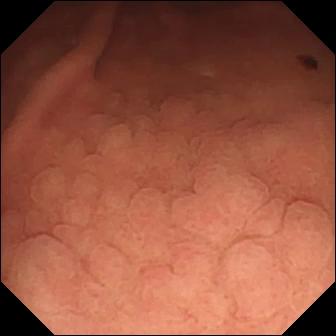WCE still. Angiectasia.